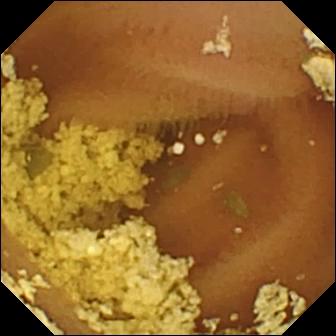PROCEDURE: Wireless capsule endoscopy.
FINDINGS: Normal clean mucosa.